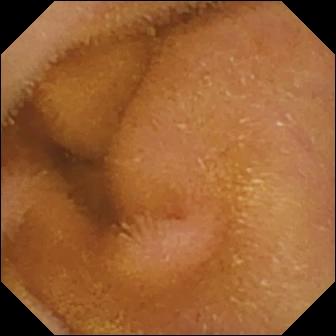modality: WCE
label: normal clean mucosa